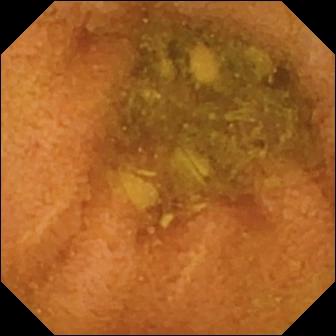WCE still, small intestine
Label: normal clean mucosa